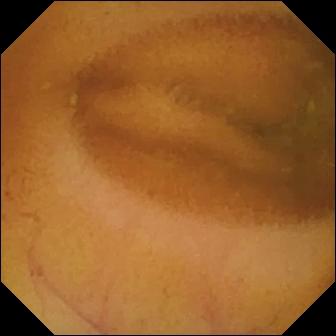Video capsule endoscopy — normal clean mucosa.